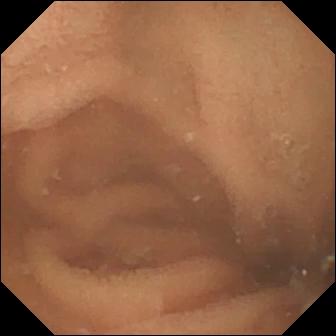This small-bowel capsule endoscopy image shows normal clean mucosa.